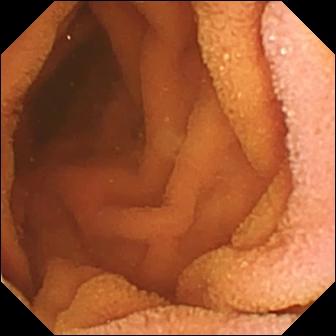Q: What does this video capsule endoscopy frame show?
A: Normal clean mucosa.